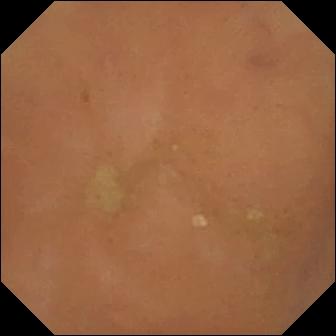Q: What does this WCE frame show?
A: Normal clean mucosa.